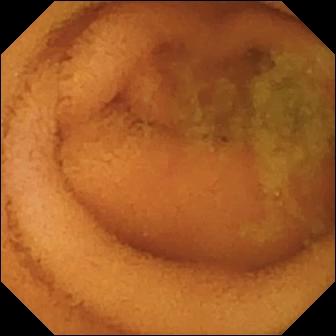This video capsule endoscopy snapshot shows normal clean mucosa.